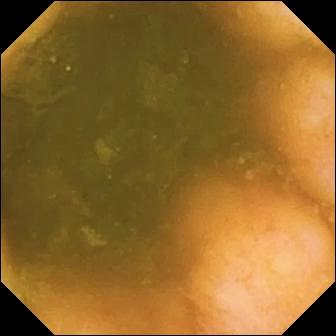Capsule endoscopy view. Taken in the ileo-cecal valve region (where the capsule passes from the small bowel into the large bowel).